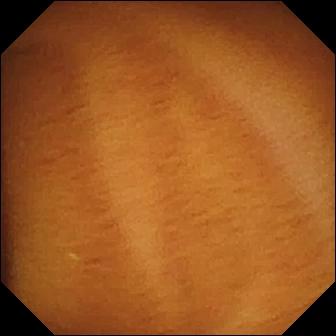Small-bowel capsule endoscopy — normal clean mucosa.